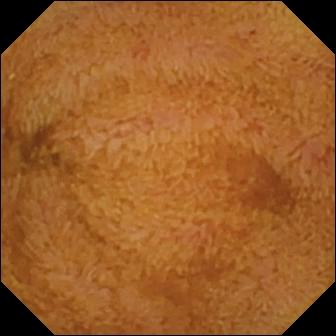PROCEDURE: Capsule endoscopy.
LABEL: Ileo-cecal valve region (the transition from the small bowel to the large bowel).